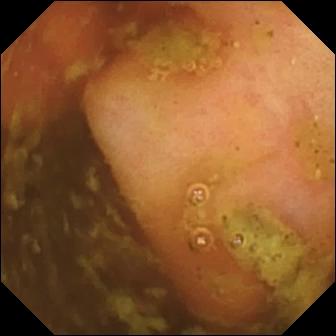VCE view. Taken in the ileo-cecal valve region.